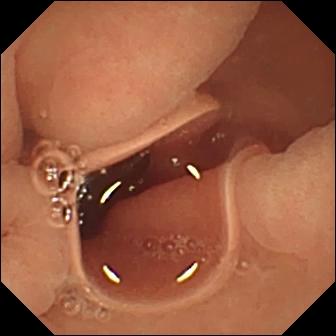PROCEDURE: Wireless capsule endoscopy.
FINDINGS: Normal clean mucosa.